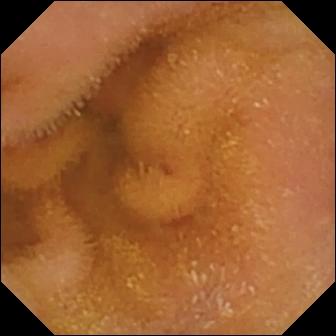- modality: small-bowel capsule endoscopy
- segment: small bowel
- category: luminal finding
- impression: normal clean mucosa